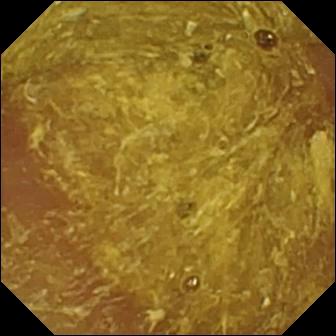Reduced mucosal view (content or bubbles obscuring the mucosa).